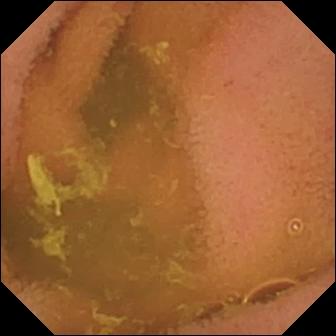- modality: video capsule endoscopy
- category: luminal finding
- finding: normal clean mucosa